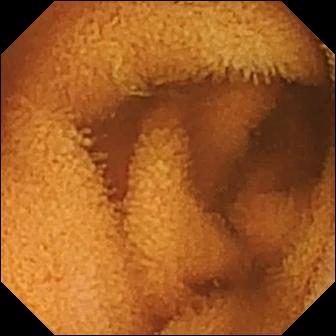WCE. Observation: normal clean mucosa.